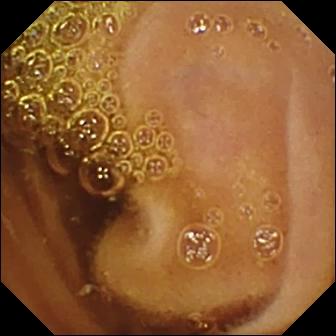Wireless capsule endoscopy frame, small bowel
Impression: normal clean mucosa